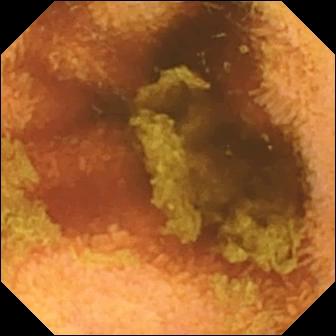Wireless capsule endoscopy. Luminal finding. Finding: normal clean mucosa.